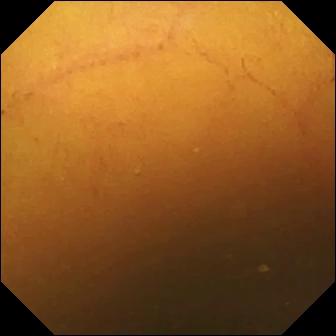Small-bowel capsule endoscopy — normal clean mucosa.